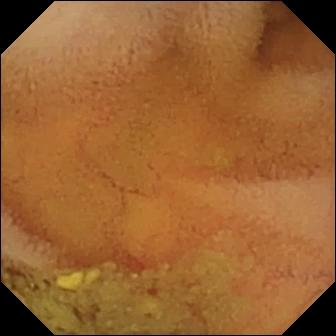Video capsule endoscopy. Small intestine. Label: normal clean mucosa.